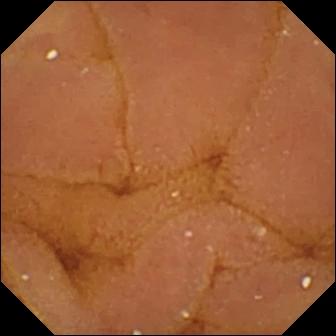Wireless capsule endoscopy frame
Finding: normal clean mucosa